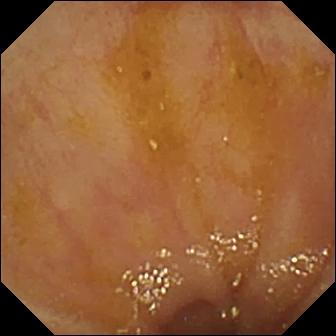PROCEDURE: WCE.
LABEL: Ileo-cecal valve region (the transition from the small bowel to the large bowel).